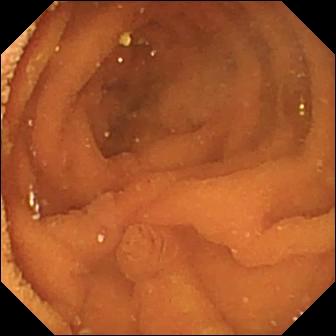PROCEDURE: Capsule endoscopy.
SEGMENT: Small bowel.
FINDINGS: Normal clean mucosa.